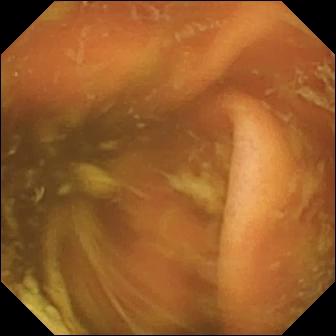{"modality": "VCE", "category": "anatomical landmark", "label": "ileo-cecal valve region (the transition from the small bowel to the large bowel)"}